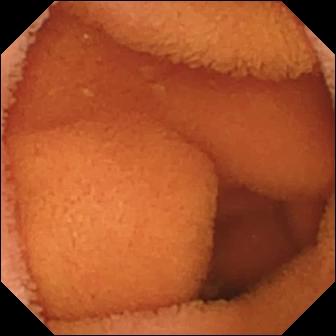Wireless capsule endoscopy frame showing normal clean mucosa.